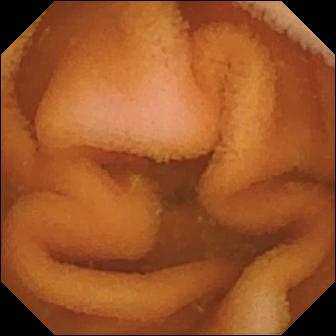Small-bowel capsule endoscopy. Impression: normal clean mucosa.